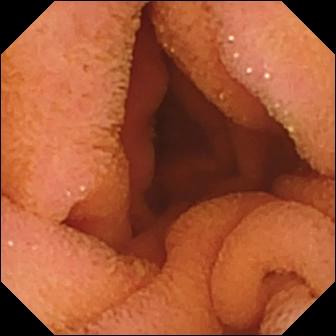Small-bowel capsule endoscopy. Small bowel. Label: normal clean mucosa.